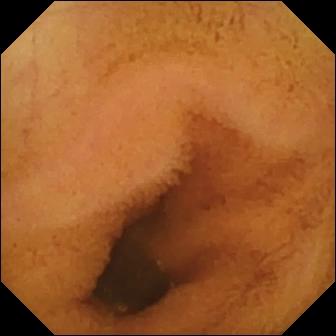Normal clean mucosa.